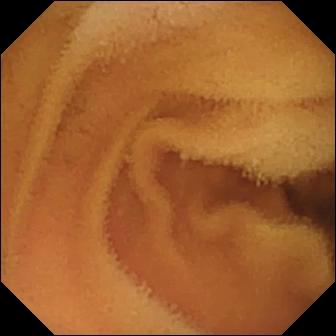This capsule endoscopy view shows normal clean mucosa.